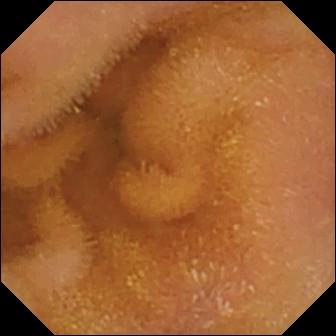modality: capsule endoscopy
impression: normal clean mucosa